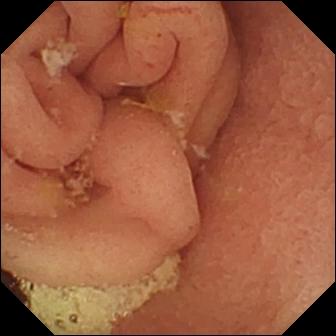Pylorus region (where the capsule passes from the stomach into the small bowel) — wireless capsule endoscopy snapshot.